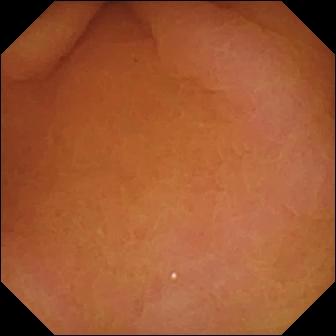WCE view. Taken in the pylorus region.